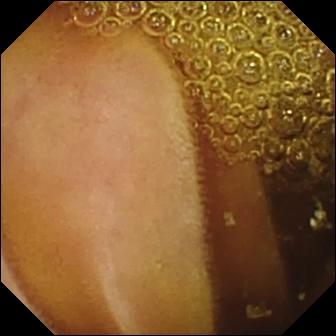Video capsule endoscopy — normal clean mucosa.